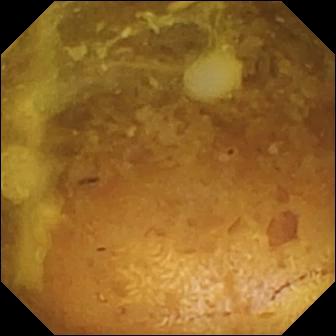VCE still
Impression: reduced mucosal view (content or bubbles obscuring the mucosa)